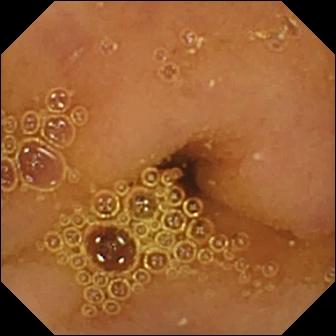Normal clean mucosa.